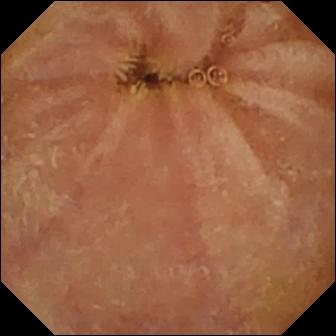Normal clean mucosa.